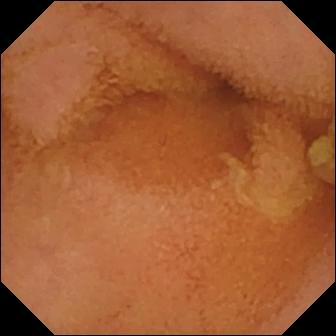Wireless capsule endoscopy. Small bowel. Label: normal clean mucosa.